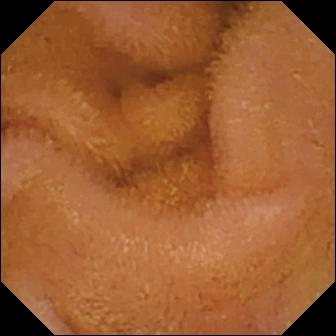Video capsule endoscopy — normal clean mucosa.